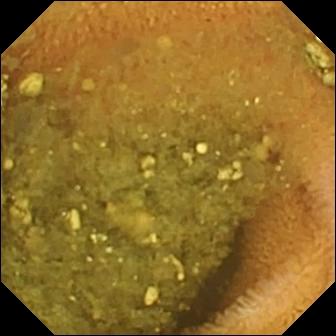- modality: video capsule endoscopy
- label: reduced mucosal view (content or bubbles obscuring the mucosa)